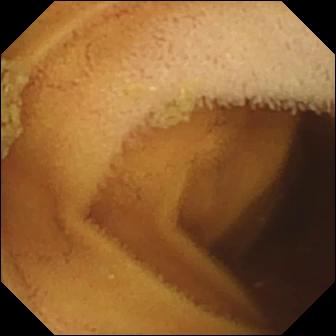WCE view of the small intestine showing normal clean mucosa.